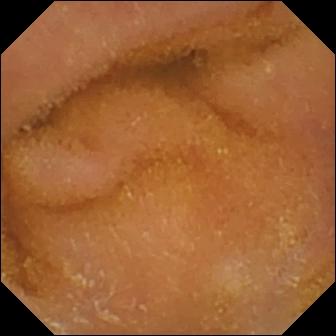- modality: video capsule endoscopy
- category: luminal finding
- impression: normal clean mucosa